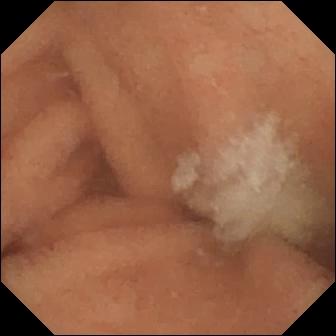WCE still of the small bowel showing normal clean mucosa.